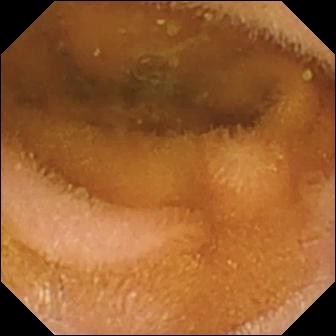Video capsule endoscopy — normal clean mucosa.